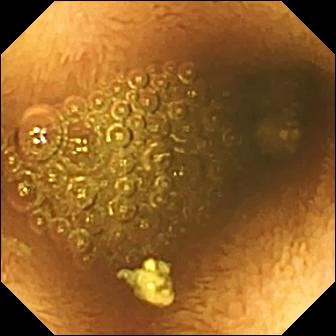modality: video capsule endoscopy | segment: small intestine | observation: reduced mucosal view (content or bubbles obscuring the mucosa)